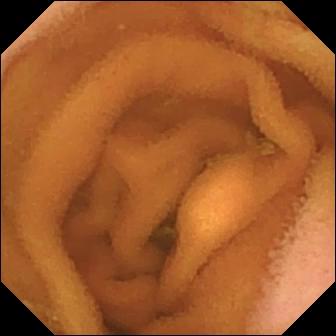Capsule endoscopy frame (small intestine), 336×336. Normal clean mucosa.